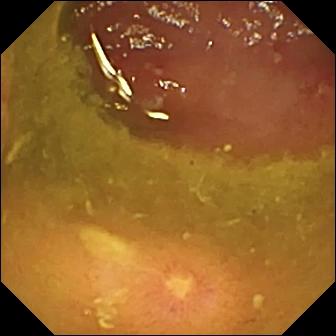Small-bowel capsule endoscopy frame, 336×336. Ulcer.